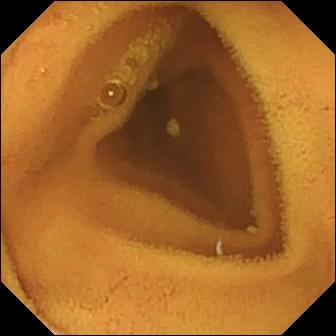This capsule endoscopy view of the small intestine shows normal clean mucosa.